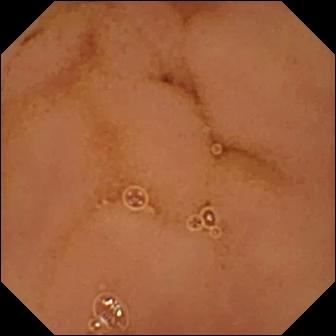Wireless capsule endoscopy image of the small intestine showing normal clean mucosa.